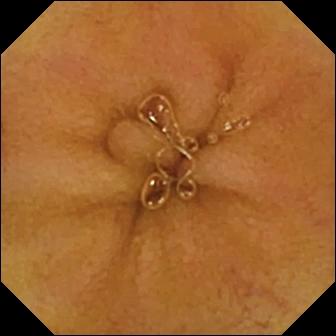PROCEDURE: VCE.
SEGMENT: Small intestine.
FINDINGS: Normal clean mucosa.